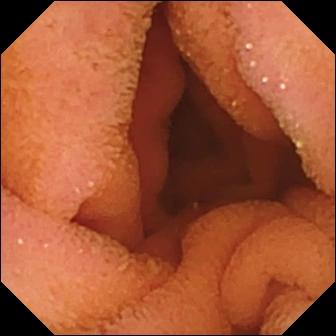Video capsule endoscopy image showing normal clean mucosa.